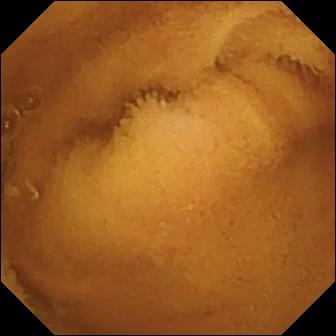Normal clean mucosa.